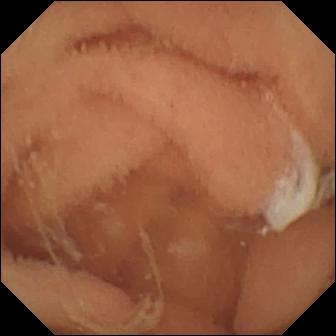{"modality": "wireless capsule endoscopy", "segment": "small bowel", "finding": "normal clean mucosa"}